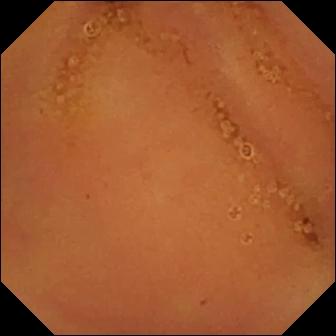modality: video capsule endoscopy
segment: small bowel
label: normal clean mucosa